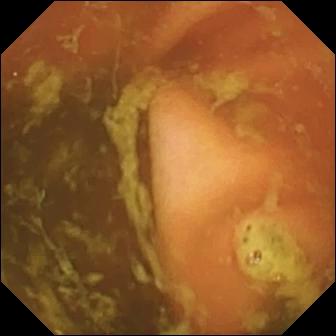Wireless capsule endoscopy view, 336×336. Taken in the ileo-cecal valve region.